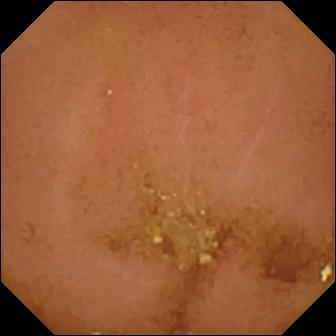Wireless capsule endoscopy snapshot, 336×336. Normal clean mucosa.